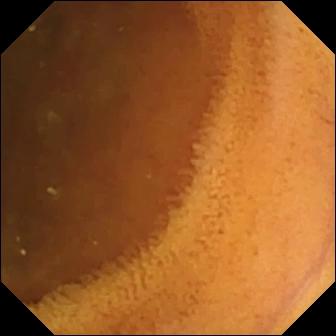PROCEDURE: Small-bowel capsule endoscopy.
FINDINGS: Normal clean mucosa.